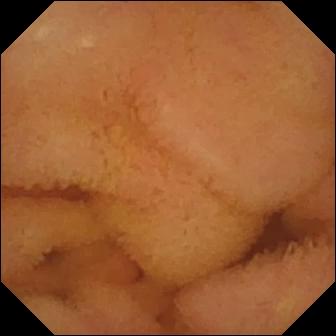Video capsule endoscopy — normal clean mucosa.